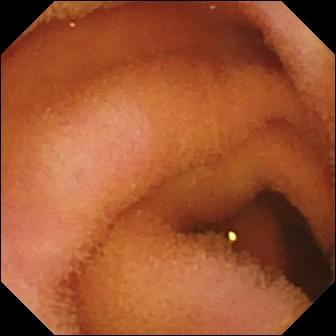Normal clean mucosa — WCE still.